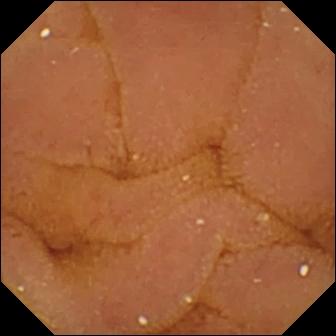{"modality": "small-bowel capsule endoscopy", "segment": "small bowel", "finding": "normal clean mucosa"}